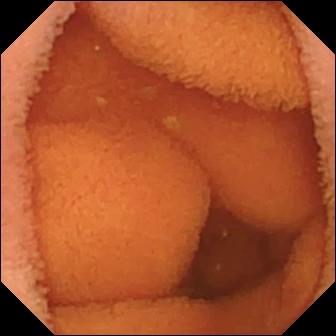Small-bowel capsule endoscopy snapshot. Normal clean mucosa.